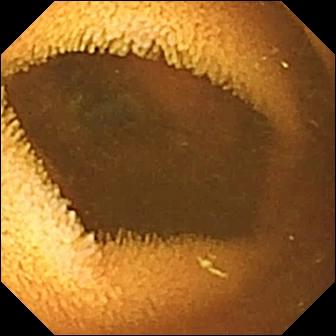VCE. Impression: normal clean mucosa.